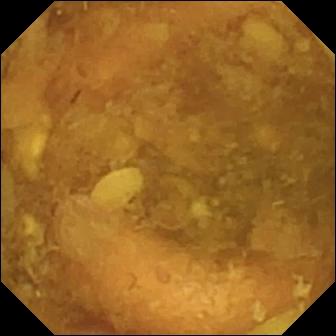Video capsule endoscopy image
Impression: reduced mucosal view (content or bubbles obscuring the mucosa)